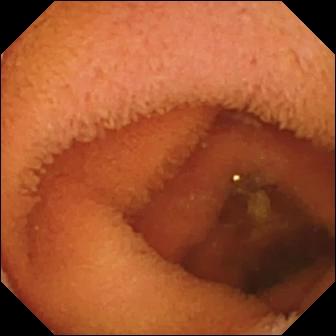VCE still (small intestine), 336×336. Normal clean mucosa.